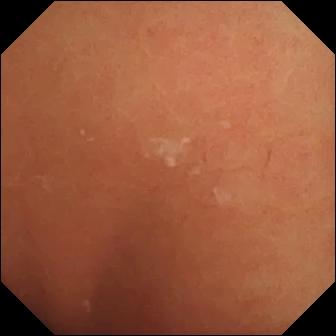Wireless capsule endoscopy. Label: normal clean mucosa.